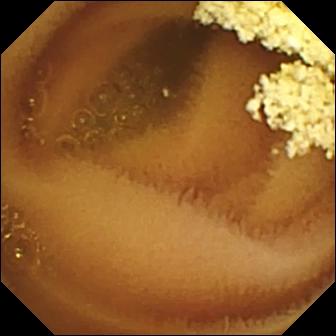Video capsule endoscopy snapshot
Label: normal clean mucosa